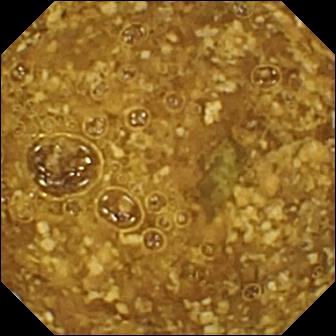Small-bowel capsule endoscopy — reduced mucosal view (content or bubbles obscuring the mucosa).